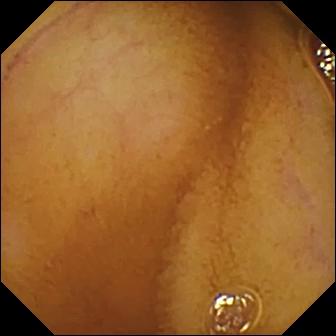Normal clean mucosa — capsule endoscopy still.